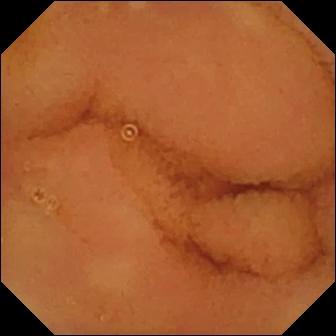Small-bowel capsule endoscopy image showing normal clean mucosa.